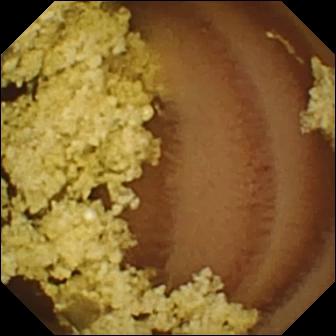WCE view of the small intestine showing normal clean mucosa.